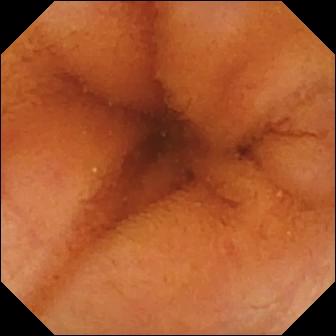PROCEDURE: Small-bowel capsule endoscopy.
FINDINGS: Normal clean mucosa.